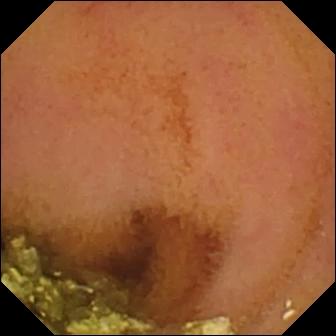{"modality": "wireless capsule endoscopy", "finding": "normal clean mucosa"}